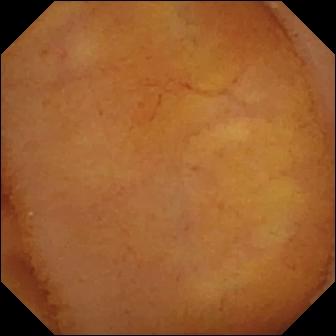PROCEDURE: Video capsule endoscopy.
FINDINGS: Normal clean mucosa.